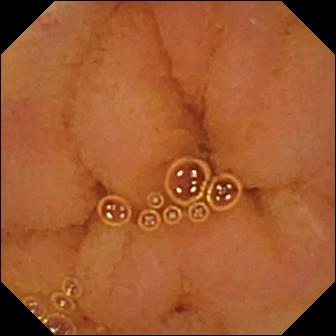PROCEDURE: VCE.
FINDINGS: Normal clean mucosa.